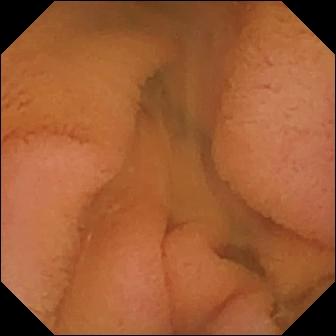- modality: video capsule endoscopy
- segment: small bowel
- observation: normal clean mucosa